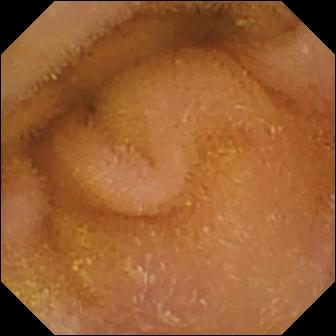Capsule endoscopy. Small intestine. Impression: normal clean mucosa.